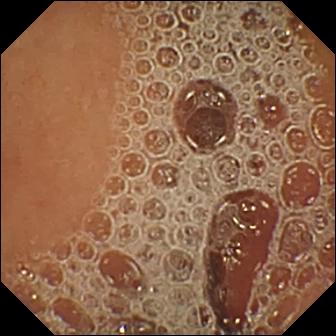VCE. Label: normal clean mucosa.